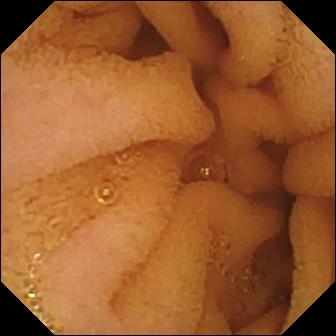Video capsule endoscopy frame. Normal clean mucosa.